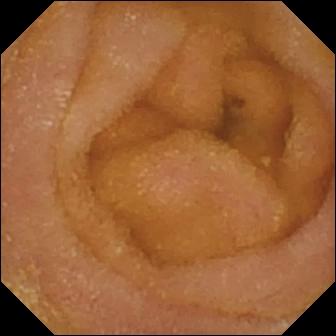Q: What does this VCE still show?
A: Normal clean mucosa.